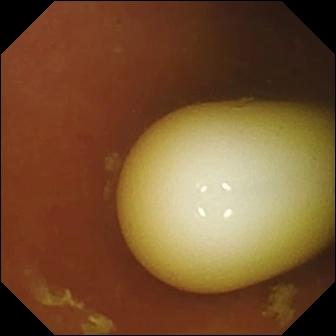This capsule endoscopy snapshot shows foreign body (e.g. retained capsule, tablet residue).